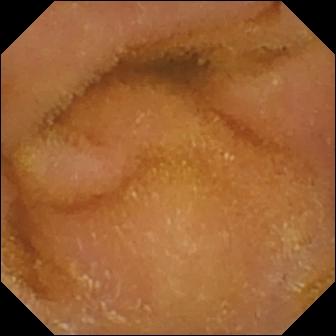modality: WCE | label: normal clean mucosa